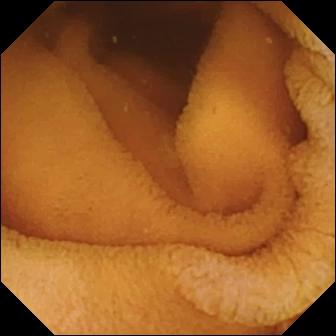Q: What does this video capsule endoscopy still show?
A: Normal clean mucosa.